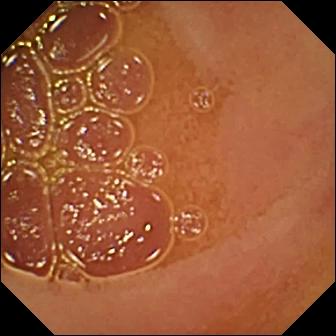Normal clean mucosa — small-bowel capsule endoscopy image.